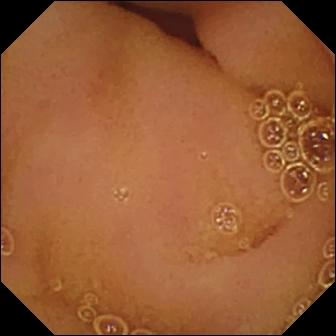modality: video capsule endoscopy | finding: normal clean mucosa